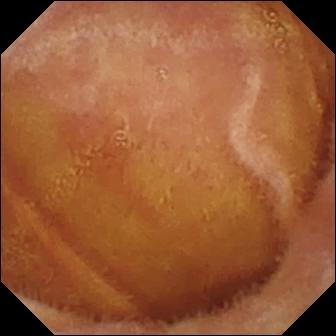This wireless capsule endoscopy view shows normal clean mucosa.